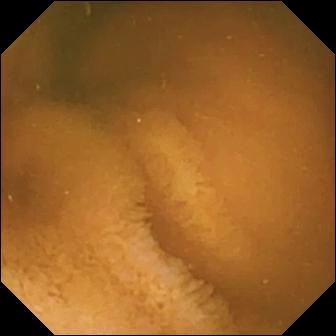- modality: video capsule endoscopy
- observation: normal clean mucosa